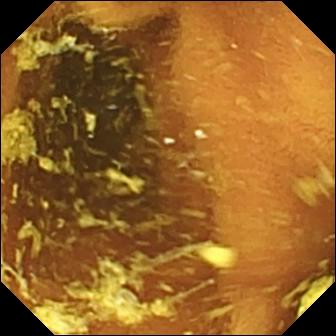Video capsule endoscopy snapshot showing normal clean mucosa.